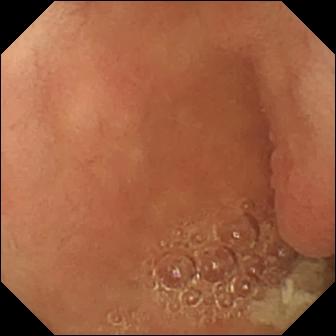This small-bowel capsule endoscopy still was taken in the pylorus region (where the capsule passes from the stomach into the small bowel).